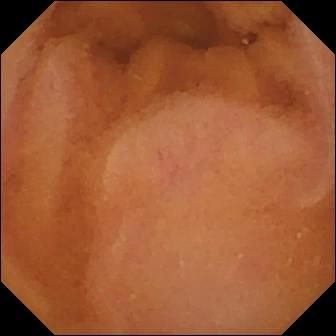modality: VCE | segment: small bowel | observation: normal clean mucosa